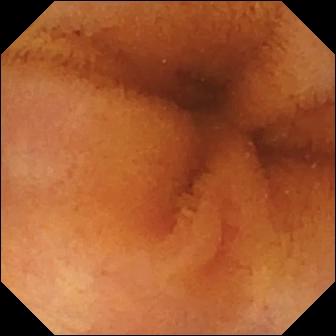Capsule endoscopy image
Finding: normal clean mucosa